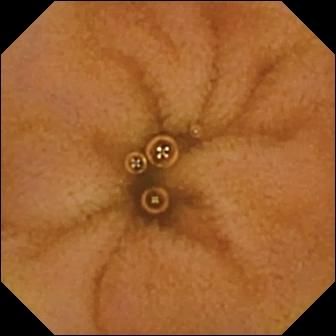modality: WCE
segment: small bowel
impression: normal clean mucosa